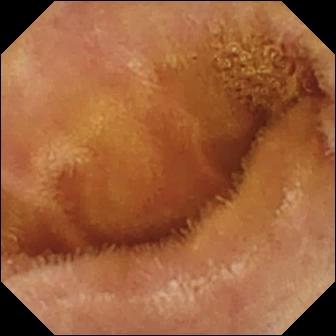Normal clean mucosa — WCE frame.